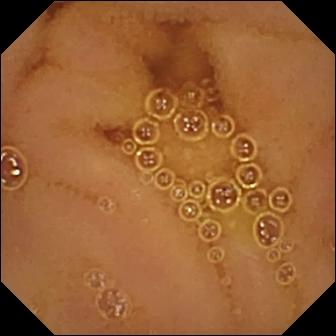WCE. Impression: normal clean mucosa.